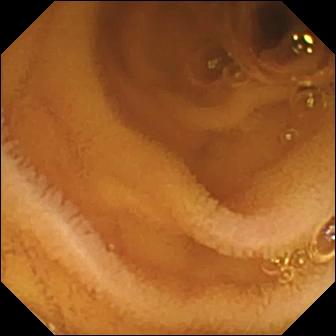Normal clean mucosa — small-bowel capsule endoscopy snapshot.